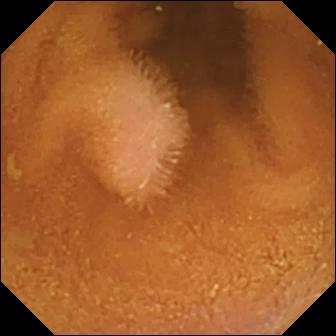{"modality": "VCE", "category": "luminal finding", "finding": "normal clean mucosa"}